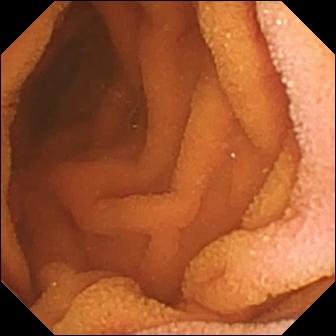- modality: wireless capsule endoscopy
- observation: normal clean mucosa